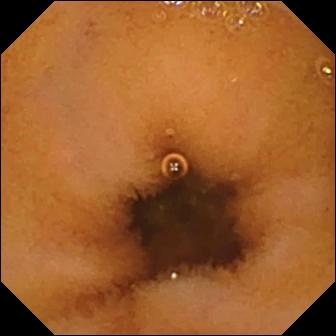Q: What does this wireless capsule endoscopy still of the small intestine show?
A: Normal clean mucosa.